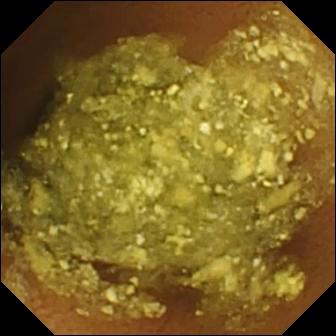This small-bowel capsule endoscopy snapshot shows normal clean mucosa.